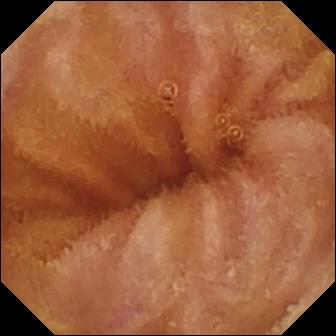Wireless capsule endoscopy snapshot of the small bowel showing normal clean mucosa.